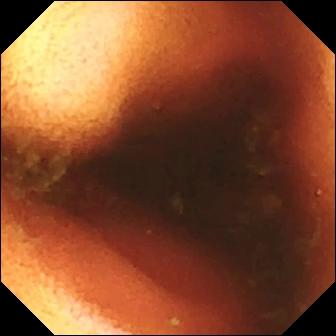modality: small-bowel capsule endoscopy
video segment: ileo-cecal valve region